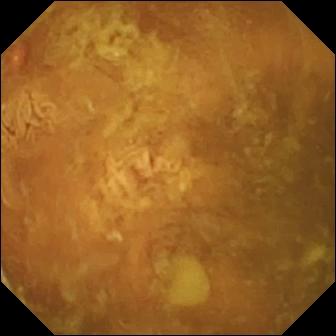Video capsule endoscopy. Small bowel. Observation: reduced mucosal view (content or bubbles obscuring the mucosa).